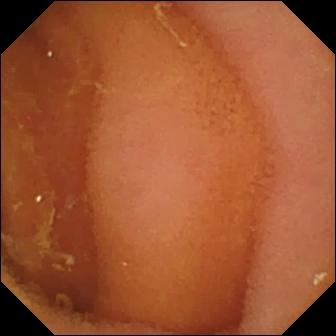modality: capsule endoscopy | segment: small bowel | label: normal clean mucosa